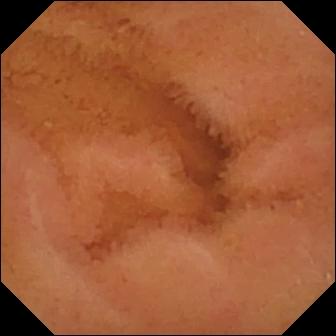- modality: capsule endoscopy
- segment: small intestine
- impression: normal clean mucosa